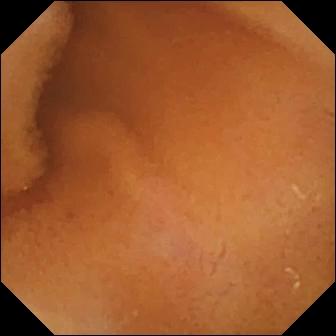Small-bowel capsule endoscopy image of the small intestine showing normal clean mucosa.